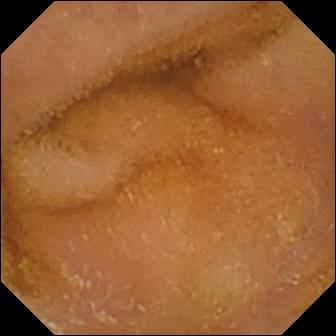Video capsule endoscopy still, small bowel
Finding: normal clean mucosa